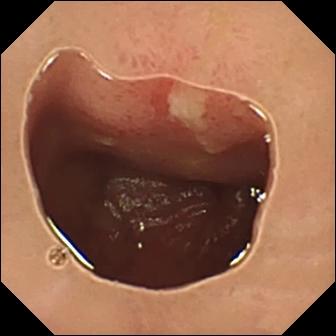Ulcer.